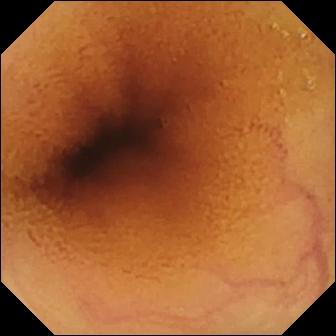PROCEDURE: WCE.
FINDINGS: Normal clean mucosa.